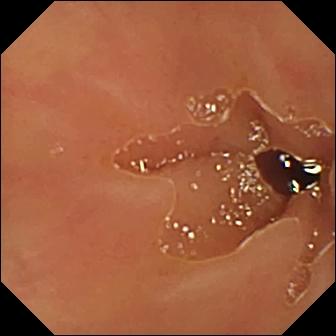Small-bowel capsule endoscopy still, 336×336. Taken in the ileo-cecal valve region (where the capsule passes from the small bowel into the large bowel).